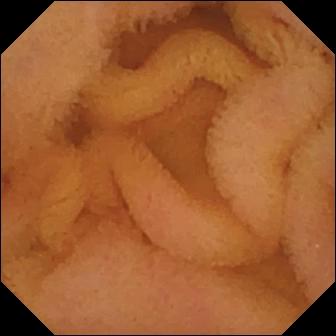PROCEDURE: VCE.
FINDINGS: Normal clean mucosa.